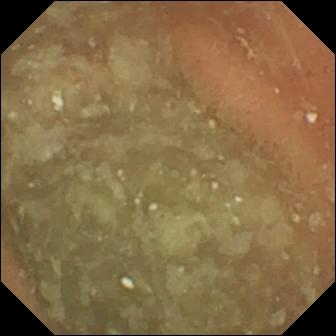Normal clean mucosa — WCE still.